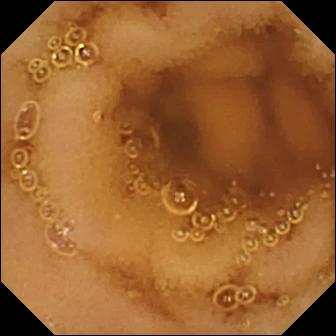PROCEDURE: Video capsule endoscopy.
SEGMENT: Small intestine.
FINDINGS: Normal clean mucosa.